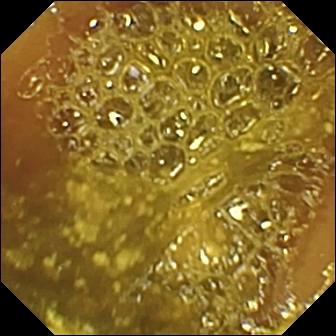Capsule endoscopy still. Taken in the ileo-cecal valve region.